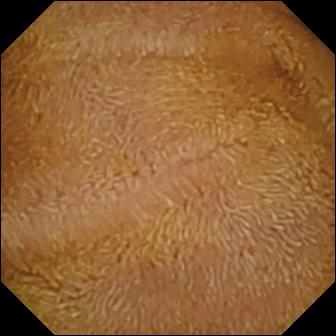Small-bowel capsule endoscopy — normal clean mucosa.